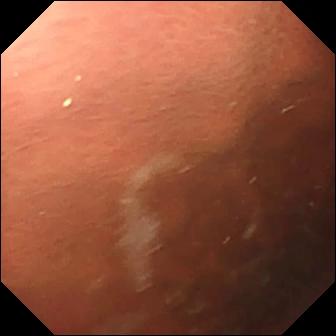This wireless capsule endoscopy image was taken in the pylorus region (the junction between the stomach and the small bowel).